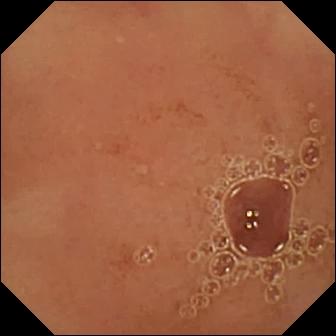This capsule endoscopy image of the small bowel shows normal clean mucosa.